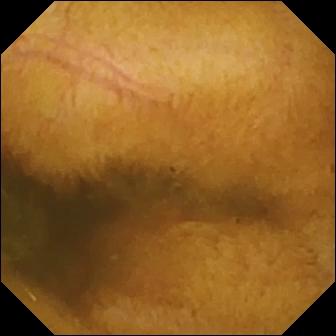Small-bowel capsule endoscopy image (small intestine), 336×336. Normal clean mucosa.